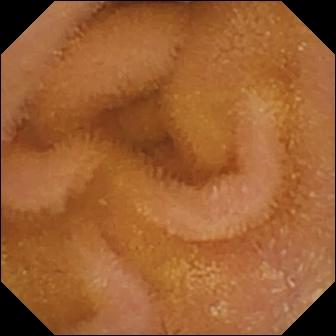Small-bowel capsule endoscopy still of the small bowel showing normal clean mucosa.